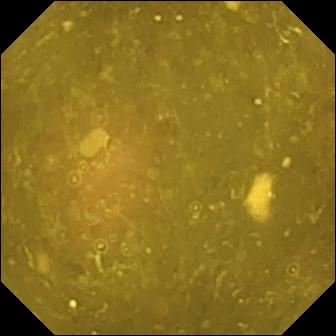Ileo-cecal valve region (where the capsule passes from the small bowel into the large bowel) — small-bowel capsule endoscopy frame.